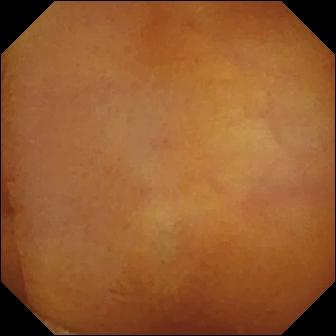This WCE frame of the small bowel shows normal clean mucosa.